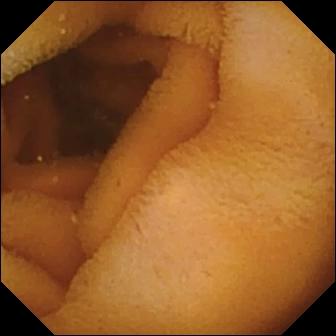modality: small-bowel capsule endoscopy | segment: small bowel | observation: normal clean mucosa